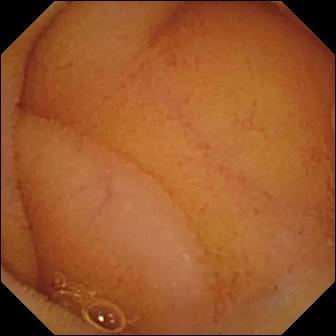WCE — normal clean mucosa.